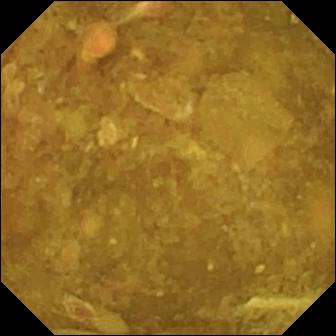- modality: capsule endoscopy
- segment: small intestine
- category: luminal finding
- finding: reduced mucosal view (content or bubbles obscuring the mucosa)